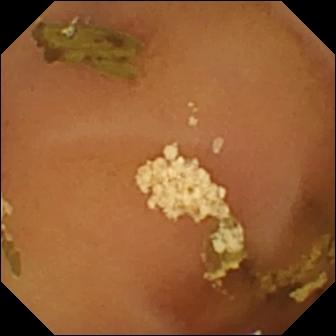Normal clean mucosa — VCE still.